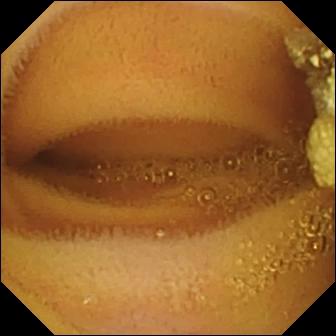Lymphangiectasia.